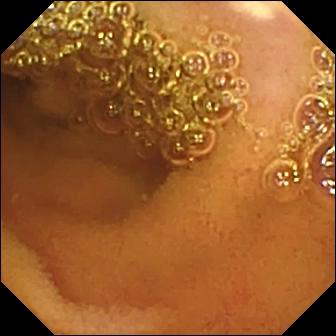{"modality": "wireless capsule endoscopy", "segment": "small bowel", "finding": "normal clean mucosa"}